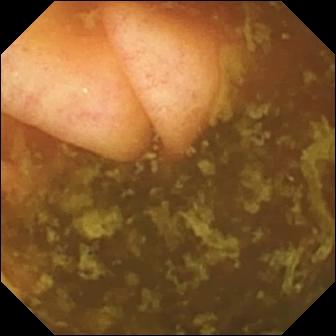modality: small-bowel capsule endoscopy
label: ileo-cecal valve region (the transition from the small bowel to the large bowel)